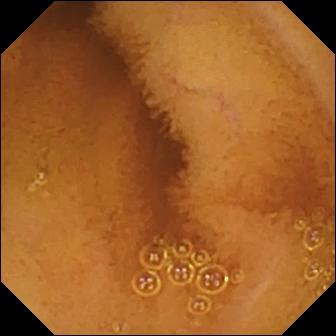PROCEDURE: Video capsule endoscopy.
FINDINGS: Normal clean mucosa.